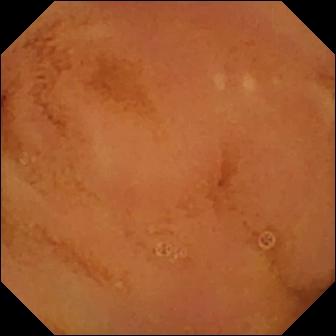This video capsule endoscopy frame shows normal clean mucosa.